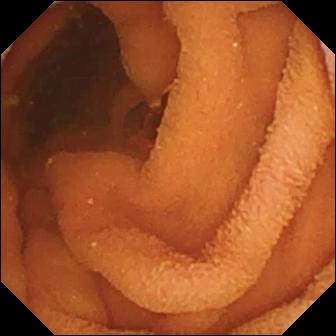This video capsule endoscopy view of the small bowel shows normal clean mucosa.